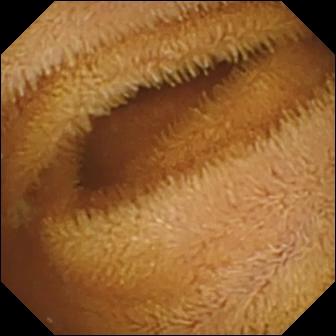Wireless capsule endoscopy frame of the small intestine showing normal clean mucosa.